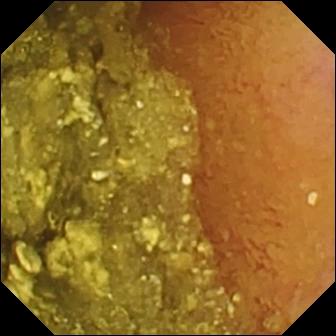Capsule endoscopy image
Label: normal clean mucosa